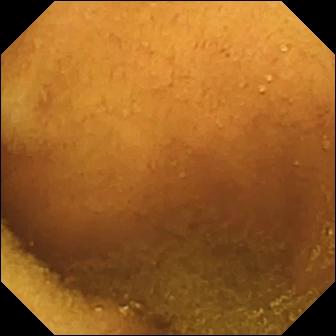{"modality": "video capsule endoscopy", "segment": "small intestine", "category": "luminal finding", "finding": "normal clean mucosa"}